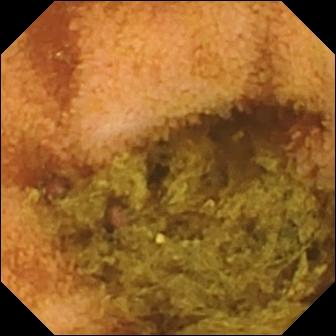This WCE frame shows normal clean mucosa.